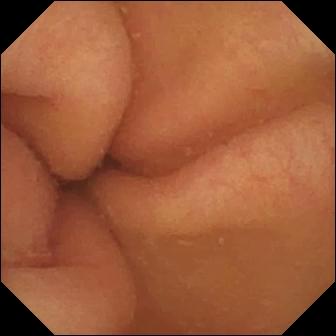VCE frame
Location: pylorus region (the junction between the stomach and the small bowel)